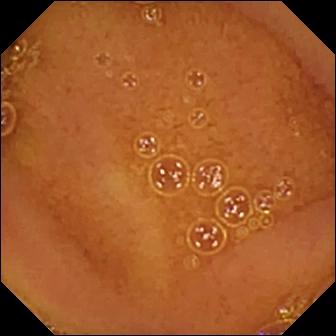Small-bowel capsule endoscopy frame, small bowel
Finding: normal clean mucosa